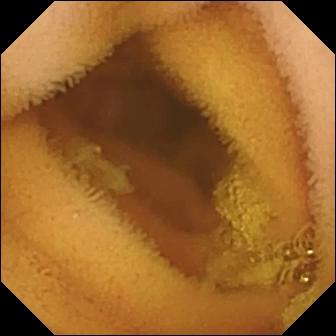PROCEDURE: Video capsule endoscopy.
FINDINGS: Normal clean mucosa.